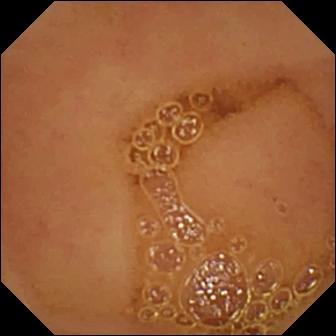Capsule endoscopy frame. Normal clean mucosa.